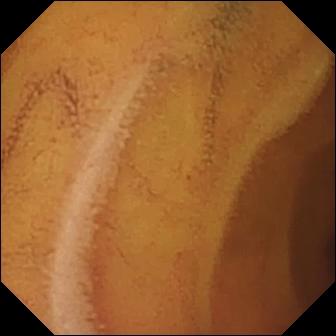Normal clean mucosa.